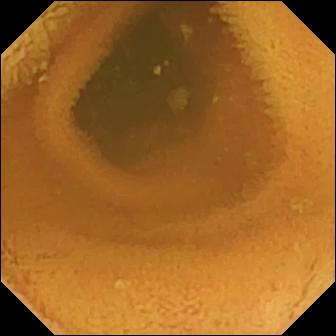Capsule endoscopy image showing normal clean mucosa.